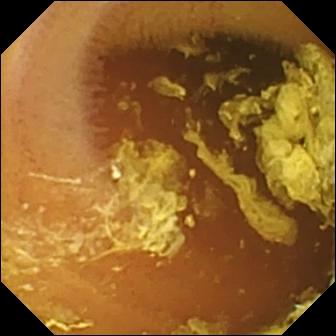Normal clean mucosa.